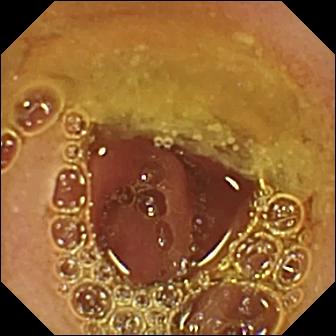Video capsule endoscopy snapshot (small intestine). Normal clean mucosa.